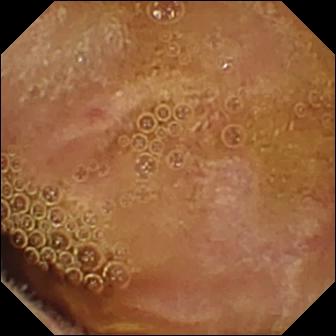WCE snapshot. Normal clean mucosa.